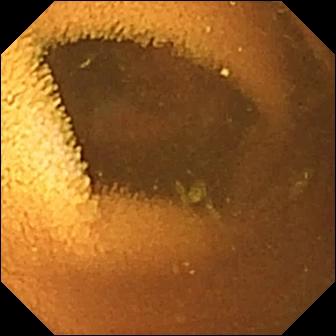Q: What does this VCE image of the small bowel show?
A: Normal clean mucosa.